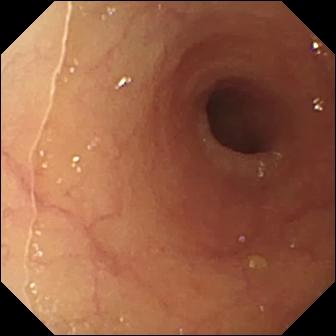{"modality": "wireless capsule endoscopy", "finding": "ulcer"}